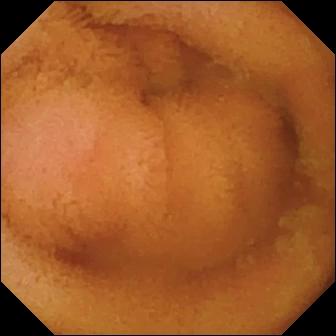Small-bowel capsule endoscopy. Impression: normal clean mucosa.